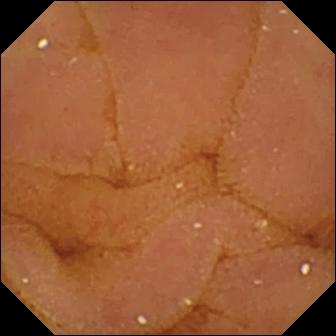- modality: VCE
- impression: normal clean mucosa